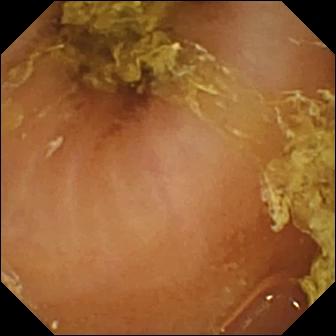Wireless capsule endoscopy. Luminal finding. Impression: normal clean mucosa.